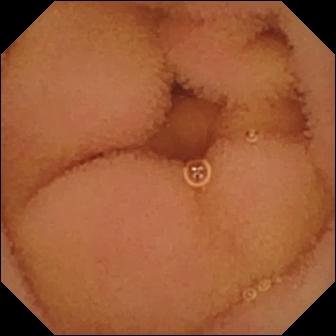WCE. Label: normal clean mucosa.